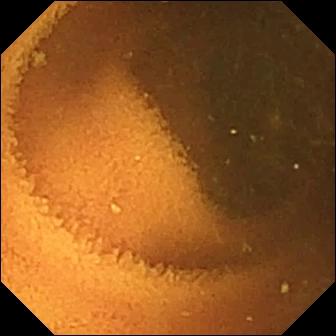VCE — normal clean mucosa.